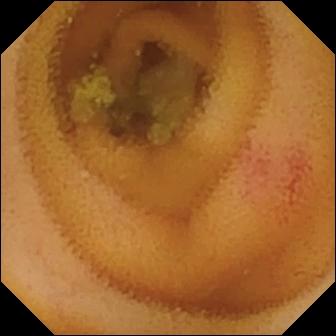Angiectasia — small-bowel capsule endoscopy view.